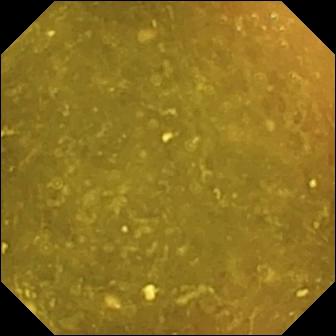This small-bowel capsule endoscopy snapshot was taken in the ileo-cecal valve region (where the capsule passes from the small bowel into the large bowel).